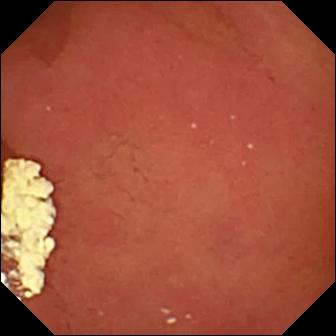modality: capsule endoscopy; video segment: pylorus region (where the capsule passes from the stomach into the small bowel)